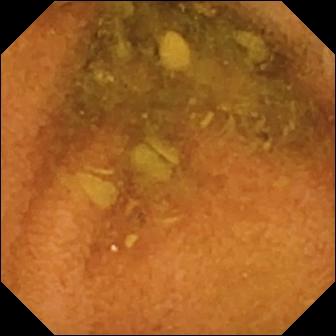modality: capsule endoscopy | category: luminal finding | finding: normal clean mucosa